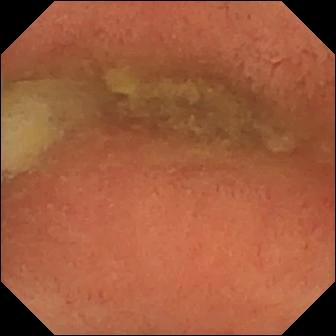Pylorus region (where the capsule passes from the stomach into the small bowel) — small-bowel capsule endoscopy still.